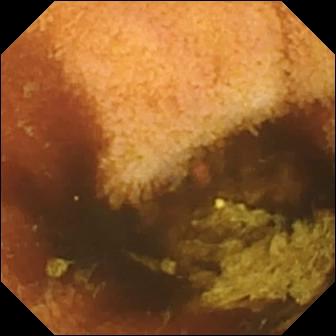Normal clean mucosa — wireless capsule endoscopy snapshot of the small intestine.